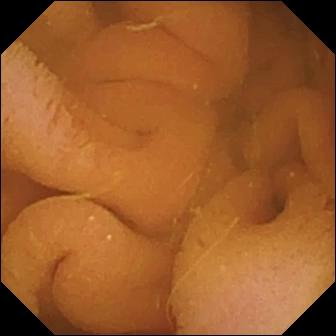Normal clean mucosa.